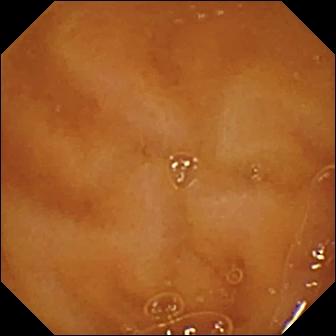Normal clean mucosa (336×336).